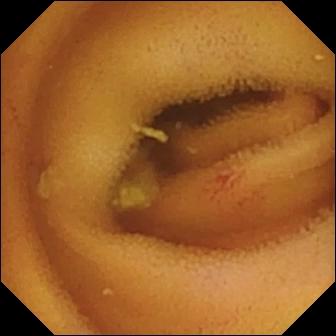Capsule endoscopy still showing angiectasia.